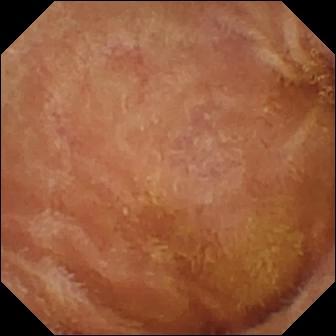VCE. Label: normal clean mucosa.